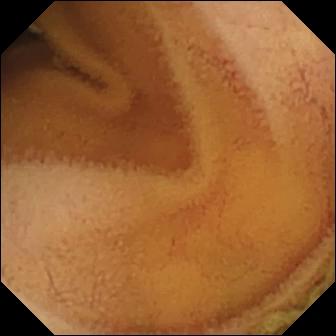Q: What does this VCE image show?
A: Normal clean mucosa.